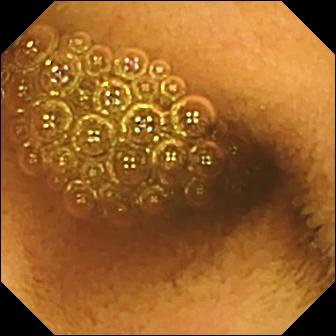Reduced mucosal view (content or bubbles obscuring the mucosa) (336×336).